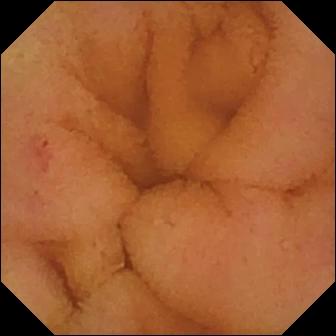Q: What does this wireless capsule endoscopy frame of the small bowel show?
A: Normal clean mucosa.